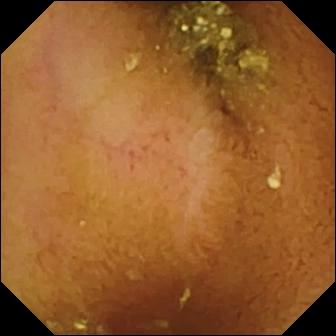VCE — normal clean mucosa.